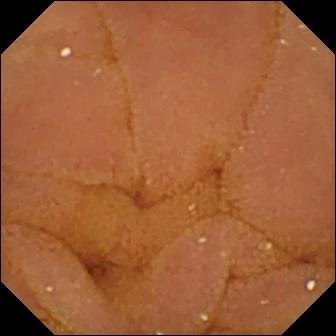VCE — normal clean mucosa.